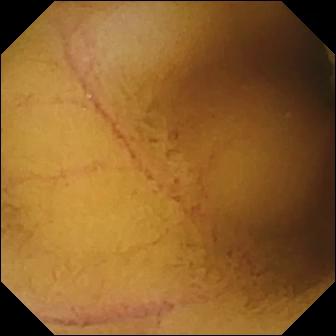WCE frame of the small bowel showing normal clean mucosa.